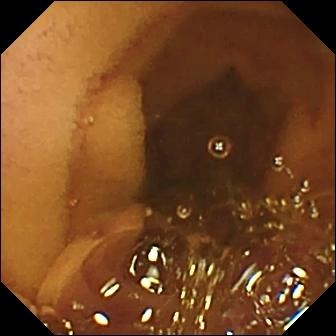Wireless capsule endoscopy — normal clean mucosa.